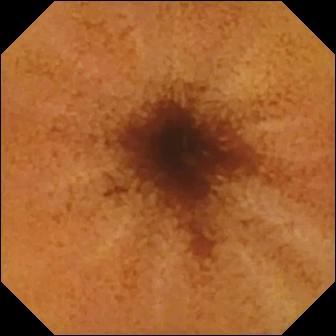Capsule endoscopy. Observation: normal clean mucosa.